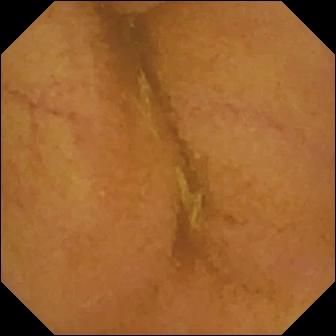modality: capsule endoscopy | segment: small bowel | impression: normal clean mucosa